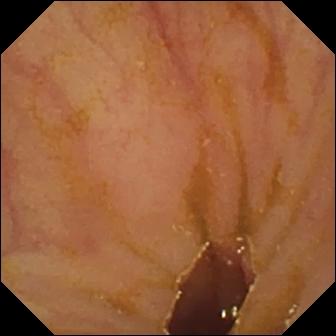{"modality": "WCE", "label": "ileo-cecal valve region (where the capsule passes from the small bowel into the large bowel)"}